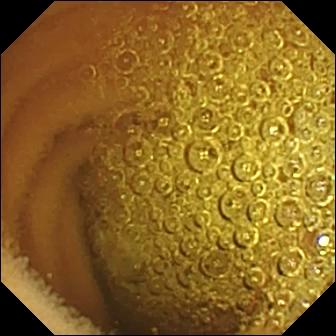Video capsule endoscopy — normal clean mucosa.